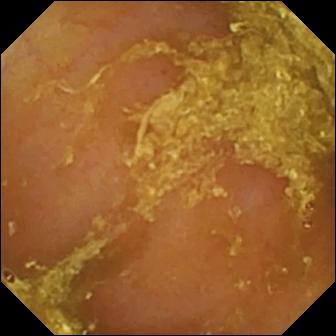modality: WCE; observation: reduced mucosal view (content or bubbles obscuring the mucosa)